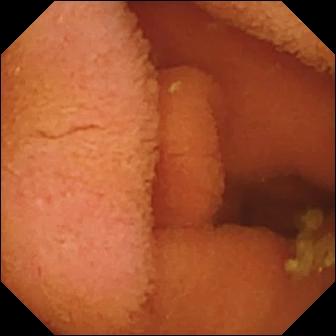Wireless capsule endoscopy — normal clean mucosa.